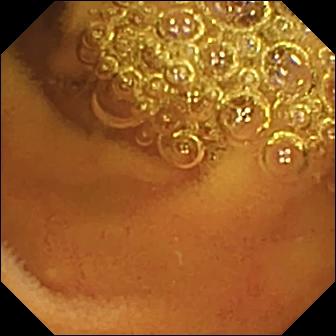Normal clean mucosa.